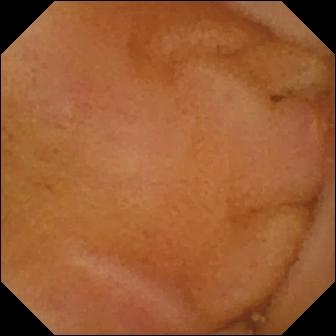WCE frame. Erosion.